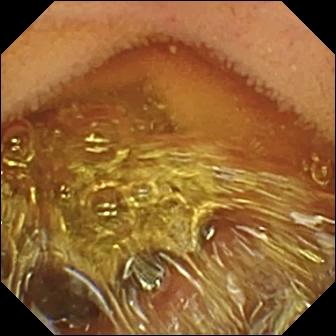This small-bowel capsule endoscopy snapshot shows normal clean mucosa.